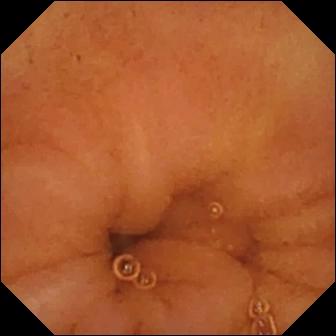Normal clean mucosa — video capsule endoscopy view of the small bowel.